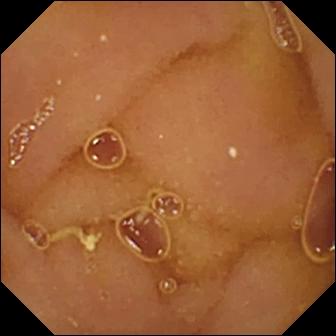This VCE still of the small intestine shows normal clean mucosa.